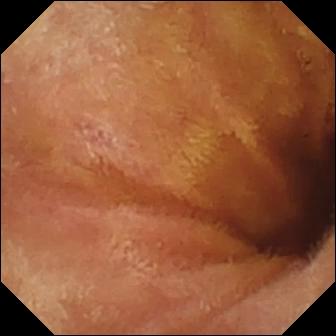Normal clean mucosa.